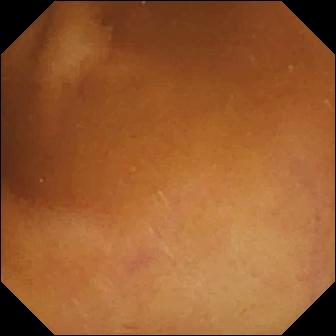WCE snapshot, small bowel
Impression: normal clean mucosa